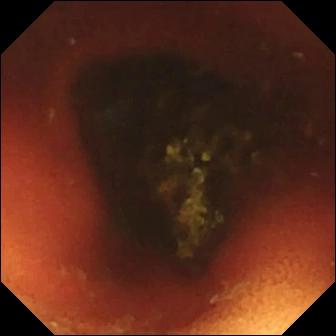Capsule endoscopy snapshot
Location: ileo-cecal valve region